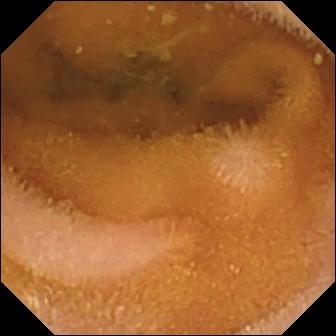Capsule endoscopy — normal clean mucosa.